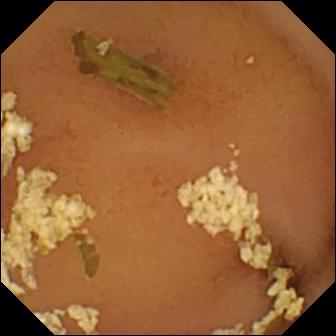This wireless capsule endoscopy frame of the small bowel shows normal clean mucosa.